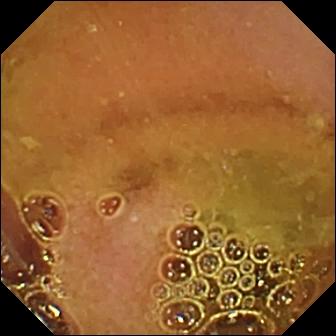Q: What does this WCE frame of the small bowel show?
A: Normal clean mucosa.